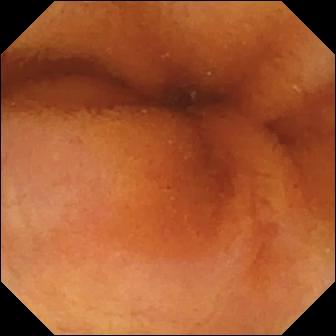Normal clean mucosa (336×336).